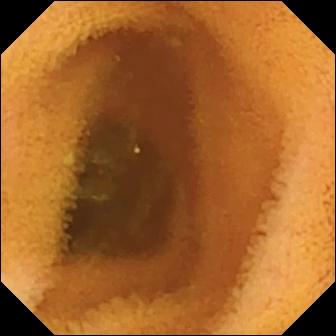Video capsule endoscopy view, small intestine
Finding: normal clean mucosa